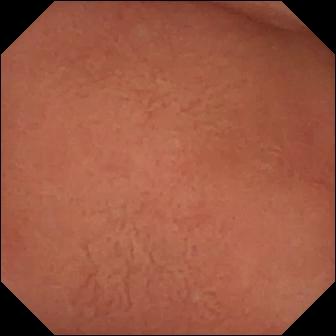Pylorus region (where the capsule passes from the stomach into the small bowel) — small-bowel capsule endoscopy snapshot.